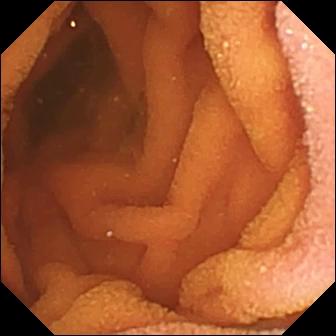Normal clean mucosa — small-bowel capsule endoscopy frame of the small intestine.